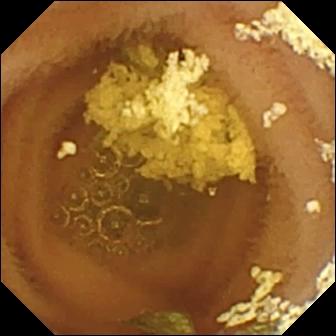PROCEDURE: WCE.
FINDINGS: Normal clean mucosa.